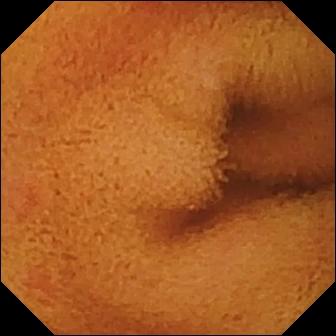This video capsule endoscopy frame shows normal clean mucosa.